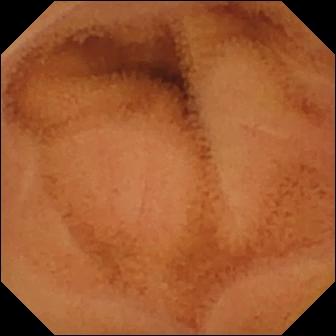- modality: capsule endoscopy
- impression: normal clean mucosa